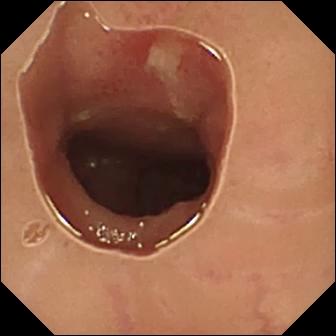Video capsule endoscopy image
Observation: ulcer